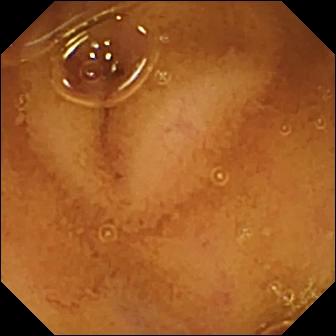- modality: video capsule endoscopy
- segment: small intestine
- observation: normal clean mucosa